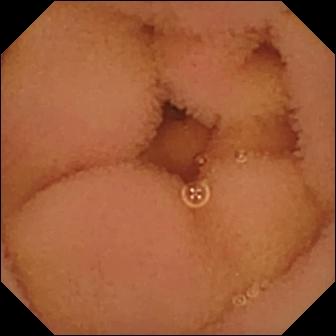Q: What does this WCE snapshot of the small bowel show?
A: Normal clean mucosa.